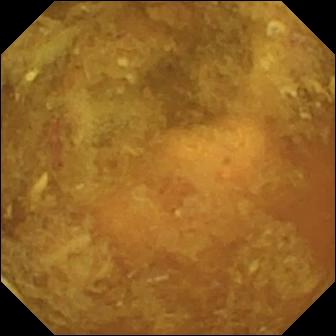{"modality": "wireless capsule endoscopy", "segment": "small intestine", "finding": "reduced mucosal view (content or bubbles obscuring the mucosa)"}